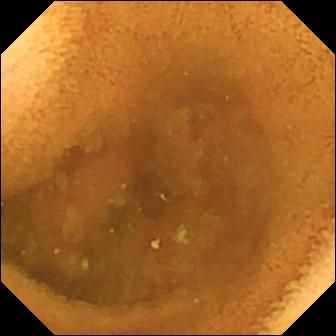{"modality": "video capsule endoscopy", "category": "luminal finding", "finding": "normal clean mucosa"}